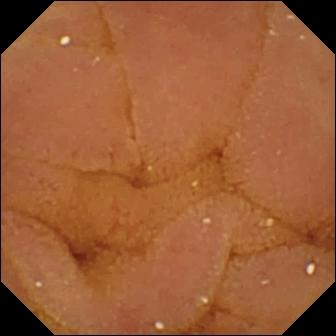WCE — normal clean mucosa.